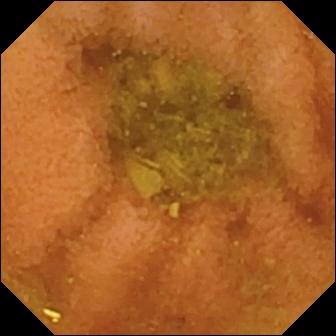{"modality": "WCE", "segment": "small intestine", "category": "luminal finding", "finding": "normal clean mucosa"}